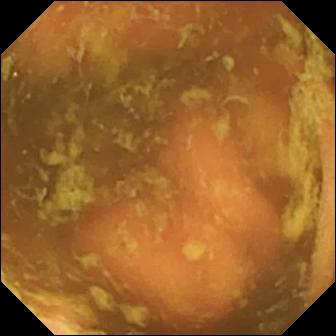{"modality": "capsule endoscopy", "location": "ileo-cecal valve region (where the capsule passes from the small bowel into the large bowel)"}